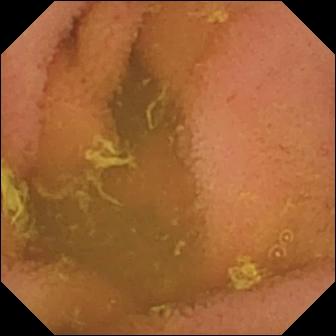Normal clean mucosa.